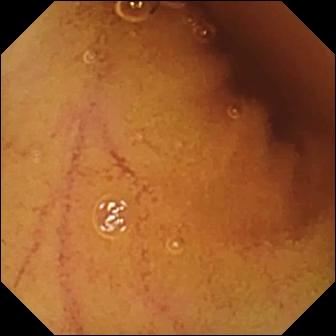{"modality": "VCE", "finding": "normal clean mucosa"}